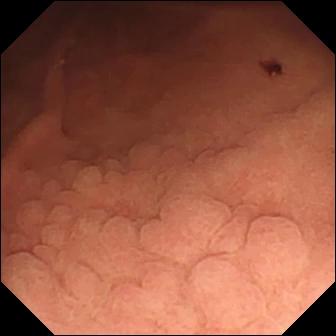VCE frame
Observation: angiectasia